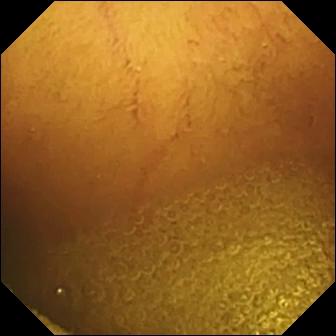WCE still, 336×336. Normal clean mucosa.